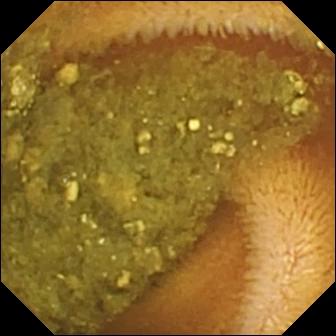WCE view, small bowel
Finding: reduced mucosal view (content or bubbles obscuring the mucosa)